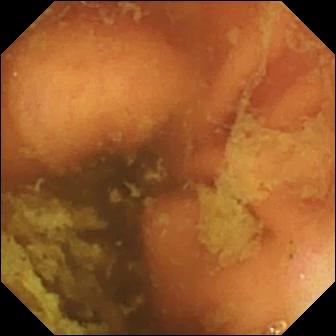Wireless capsule endoscopy image. Taken in the ileo-cecal valve region.